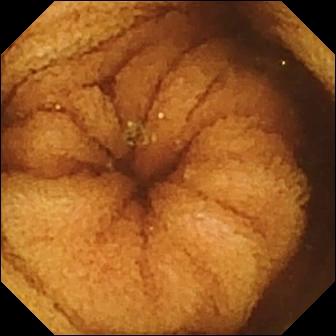This capsule endoscopy frame of the small bowel shows normal clean mucosa.